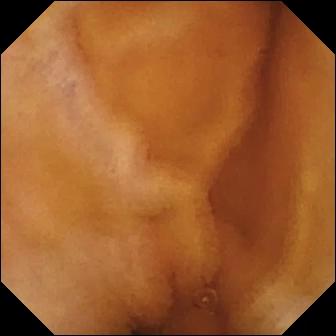Q: What does this small-bowel capsule endoscopy frame show?
A: Normal clean mucosa.